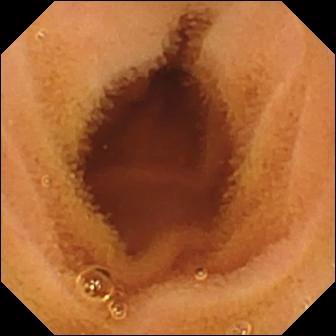Normal clean mucosa.